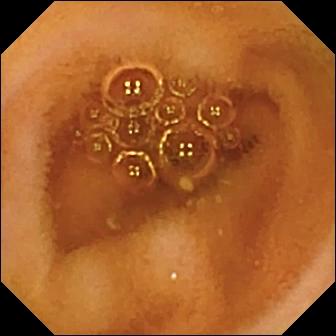This WCE snapshot shows normal clean mucosa.